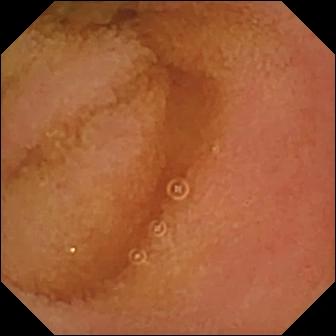Q: What does this video capsule endoscopy still show?
A: Normal clean mucosa.